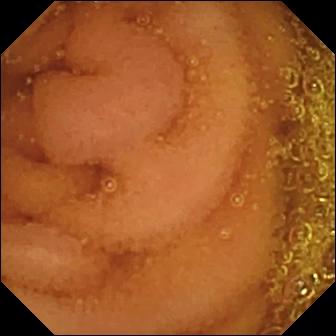Q: What does this wireless capsule endoscopy still show?
A: Normal clean mucosa.